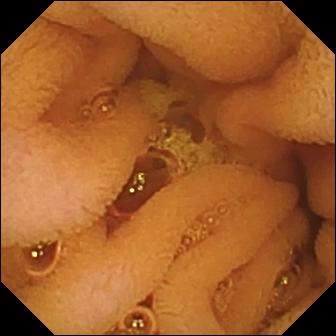Normal clean mucosa.